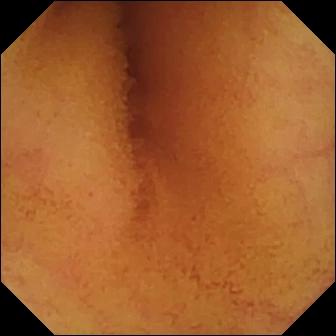Wireless capsule endoscopy. Small intestine. Observation: normal clean mucosa.